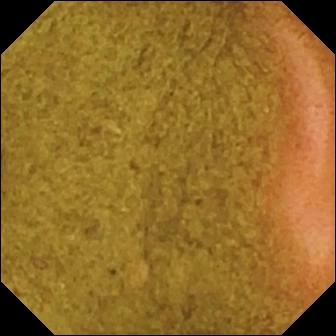- modality: small-bowel capsule endoscopy
- video segment: ileo-cecal valve region